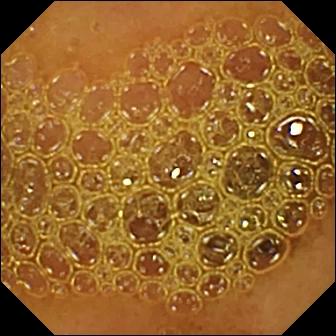Capsule endoscopy view
Finding: reduced mucosal view (content or bubbles obscuring the mucosa)